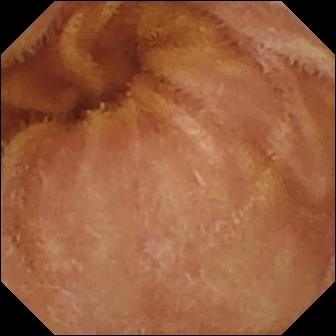WCE snapshot, small bowel
Label: normal clean mucosa